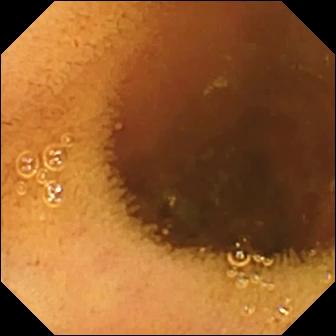Video capsule endoscopy. Small bowel. Observation: normal clean mucosa.